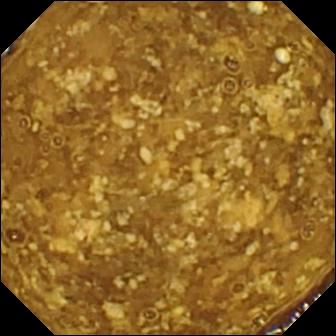Wireless capsule endoscopy frame (small intestine). Reduced mucosal view (content or bubbles obscuring the mucosa).